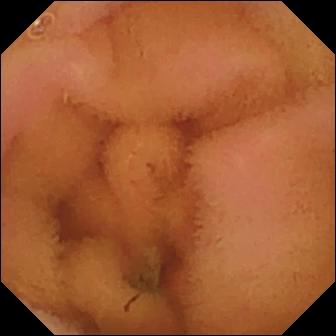Wireless capsule endoscopy view, small bowel
Label: normal clean mucosa